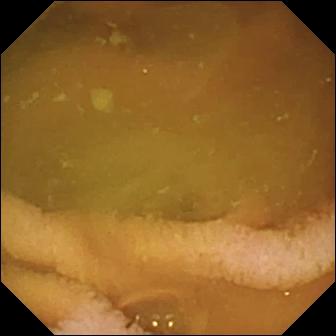PROCEDURE: Wireless capsule endoscopy.
SEGMENT: Small bowel.
FINDINGS: Normal clean mucosa.